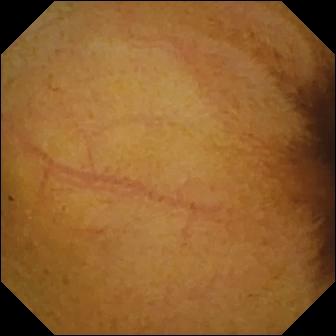Small-bowel capsule endoscopy frame of the small bowel showing normal clean mucosa.